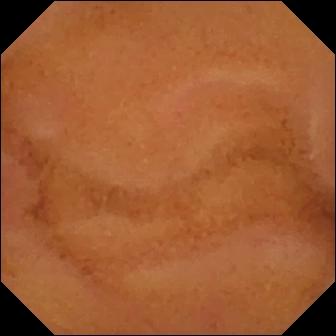Video capsule endoscopy — normal clean mucosa.